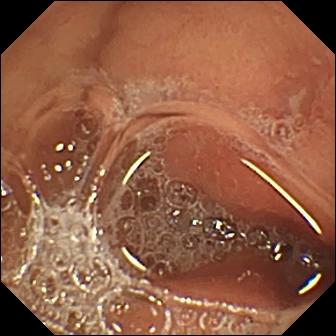Capsule endoscopy snapshot showing erosion.